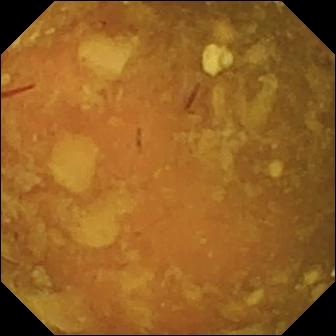Reduced mucosal view (content or bubbles obscuring the mucosa) (336×336).